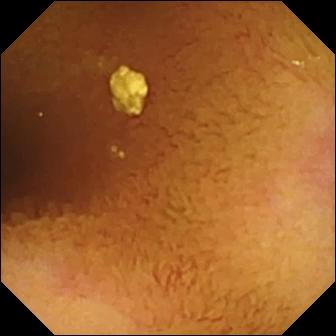This capsule endoscopy view shows normal clean mucosa.